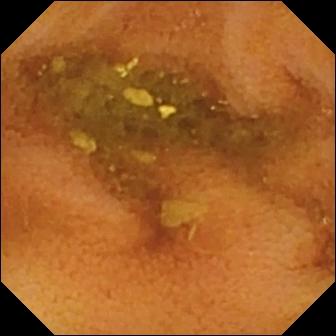- modality: capsule endoscopy
- segment: small bowel
- category: luminal finding
- impression: normal clean mucosa